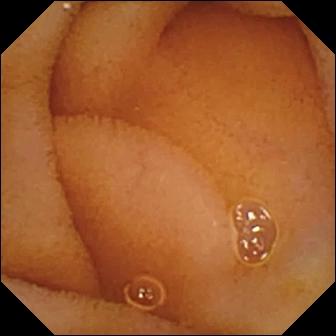Normal clean mucosa.